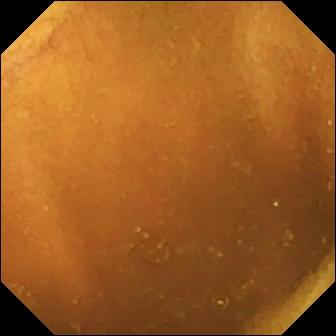Small-bowel capsule endoscopy — normal clean mucosa.